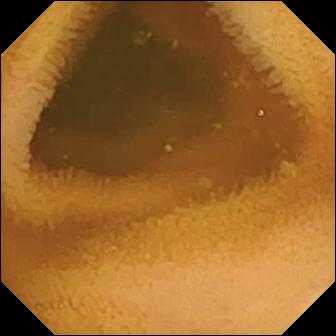Small-bowel capsule endoscopy view
Impression: normal clean mucosa